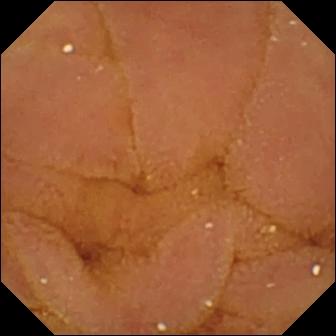Normal clean mucosa.